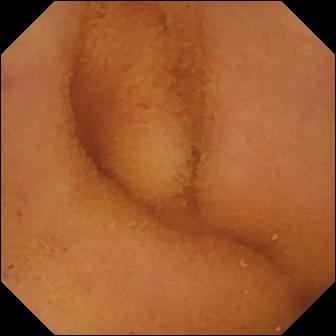PROCEDURE: Wireless capsule endoscopy.
SEGMENT: Small bowel.
FINDINGS: Normal clean mucosa.